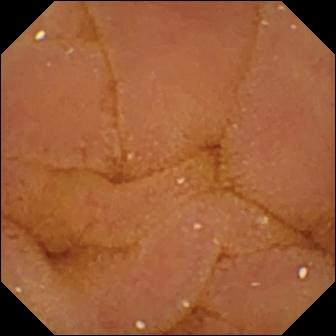Capsule endoscopy still. Normal clean mucosa.